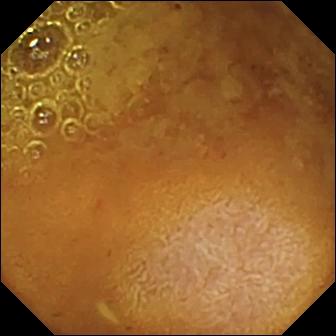- modality: wireless capsule endoscopy
- segment: small intestine
- label: reduced mucosal view (content or bubbles obscuring the mucosa)